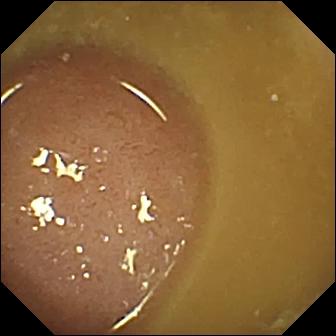Ileo-cecal valve region — VCE frame.